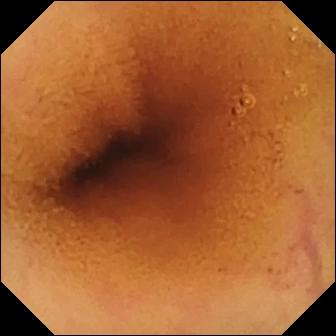Normal clean mucosa — small-bowel capsule endoscopy frame of the small bowel.